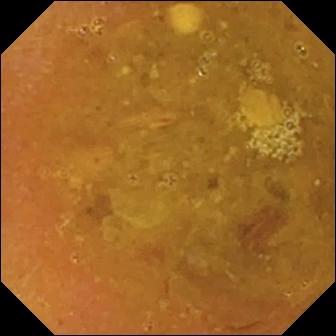WCE view (small intestine). Reduced mucosal view (content or bubbles obscuring the mucosa).